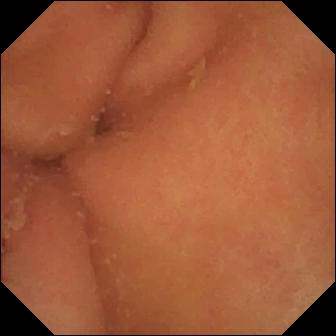Small-bowel capsule endoscopy. Label: pylorus region (the junction between the stomach and the small bowel).